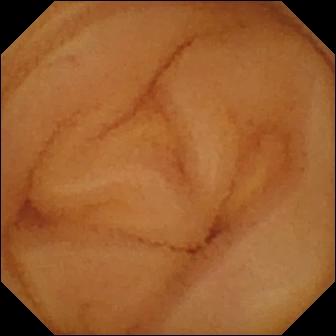{"modality": "WCE", "segment": "small bowel", "category": "luminal finding", "finding": "normal clean mucosa"}